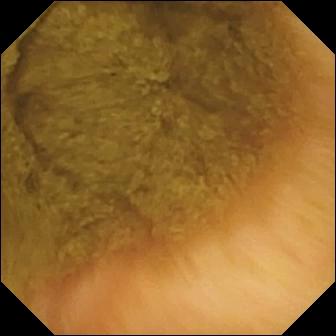modality: VCE
position: ileo-cecal valve region (where the capsule passes from the small bowel into the large bowel)